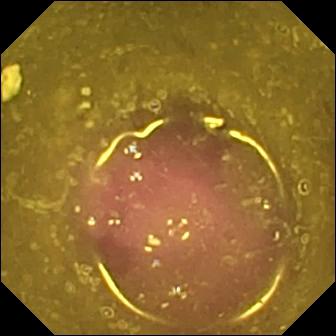Small-bowel capsule endoscopy image (small bowel). Reduced mucosal view (content or bubbles obscuring the mucosa).